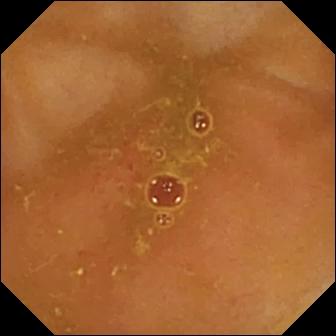Q: What does this small-bowel capsule endoscopy frame show?
A: Erythema (mucosal redness).